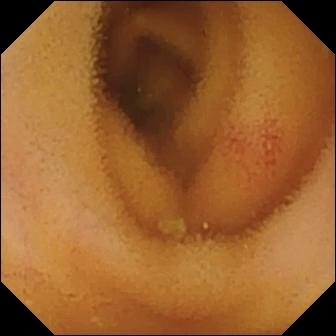Q: What does this video capsule endoscopy view show?
A: Angiectasia.